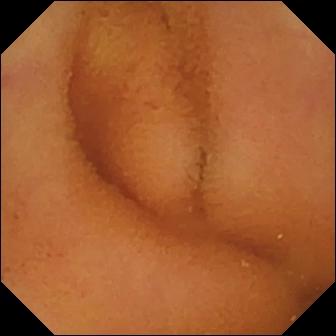Normal clean mucosa — WCE still.